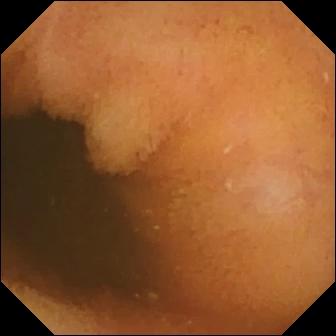Small-bowel capsule endoscopy — normal clean mucosa.